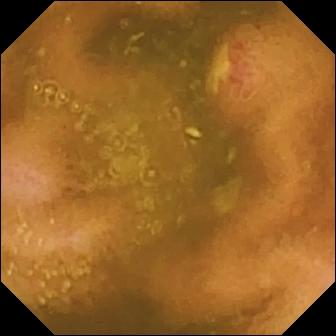Q: What does this wireless capsule endoscopy snapshot show?
A: Ulcer.